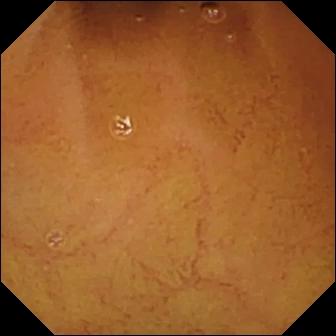modality: wireless capsule endoscopy
segment: small intestine
observation: normal clean mucosa